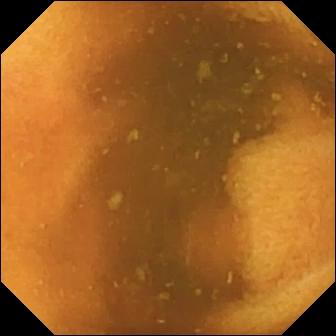Q: What does this small-bowel capsule endoscopy frame show?
A: Normal clean mucosa.